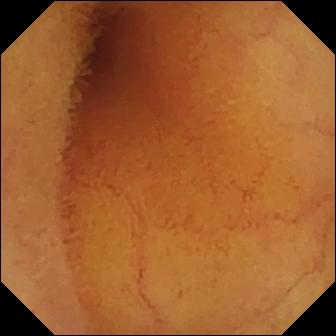VCE snapshot. Normal clean mucosa.